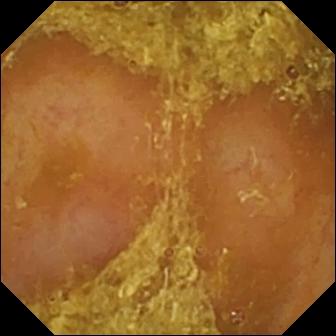Reduced mucosal view (content or bubbles obscuring the mucosa) — small-bowel capsule endoscopy image.